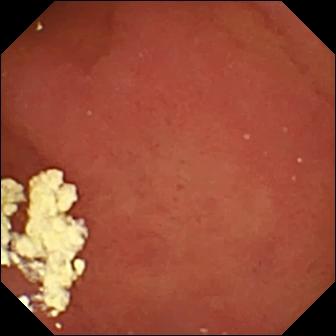Video capsule endoscopy frame. Taken in the pylorus region (where the capsule passes from the stomach into the small bowel).